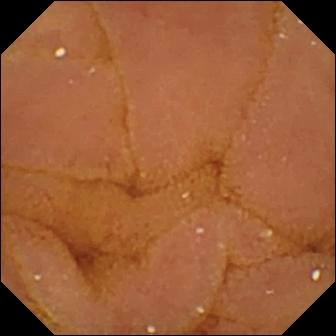Normal clean mucosa — WCE still of the small bowel.